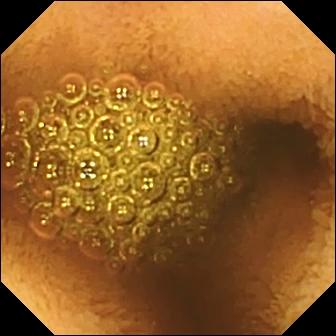Capsule endoscopy still showing reduced mucosal view (content or bubbles obscuring the mucosa).